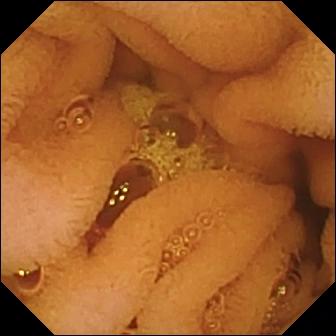VCE. Finding: normal clean mucosa.